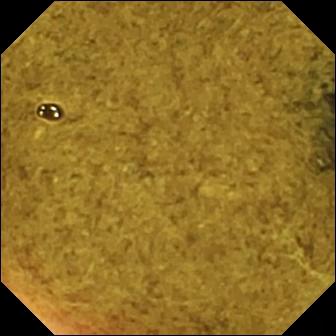PROCEDURE: VCE.
LOCATION: Ileo-cecal valve region (the transition from the small bowel to the large bowel).